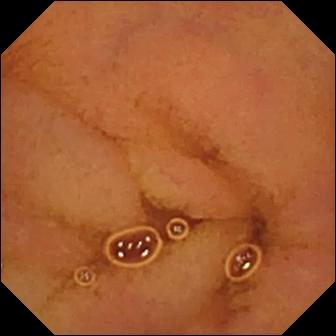Capsule endoscopy still (small bowel). Normal clean mucosa.